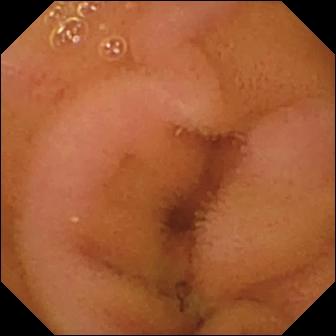Small-bowel capsule endoscopy frame of the small bowel showing normal clean mucosa.